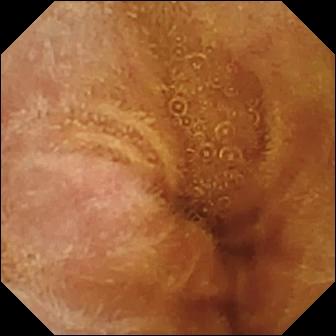{"modality": "WCE", "finding": "normal clean mucosa"}